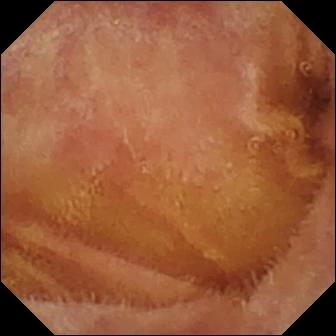modality: WCE
segment: small intestine
finding: normal clean mucosa